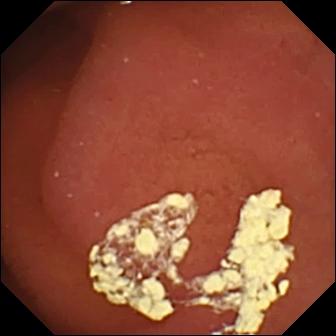WCE — pylorus region (the junction between the stomach and the small bowel).